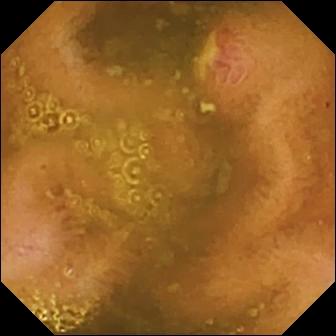{"modality": "wireless capsule endoscopy", "finding": "ulcer"}